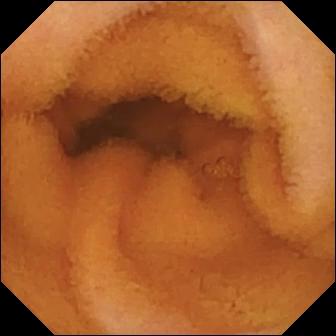- modality: small-bowel capsule endoscopy
- category: luminal finding
- observation: normal clean mucosa